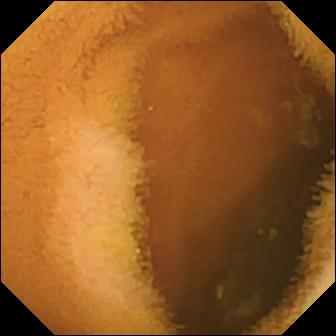Video capsule endoscopy view of the small intestine showing normal clean mucosa.